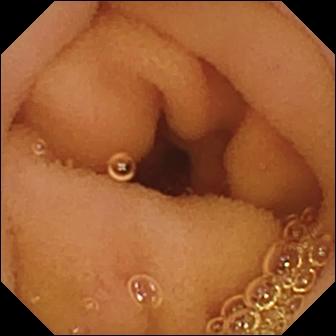Normal clean mucosa.